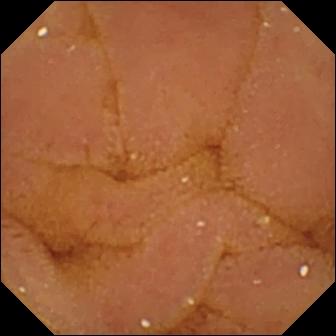PROCEDURE: Wireless capsule endoscopy.
FINDINGS: Normal clean mucosa.